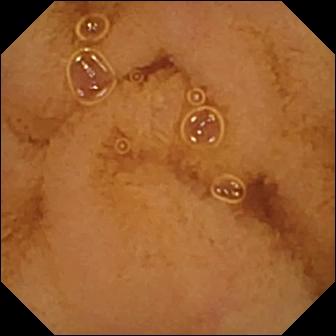Normal clean mucosa — small-bowel capsule endoscopy image of the small intestine.